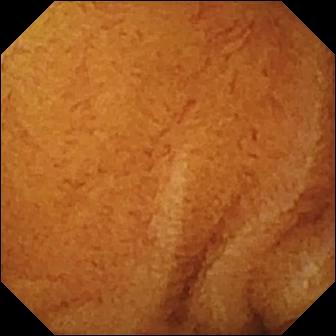Wireless capsule endoscopy image, small bowel
Finding: normal clean mucosa